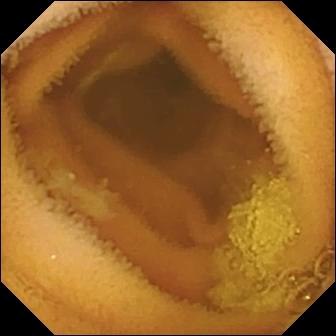Normal clean mucosa — VCE image of the small intestine.